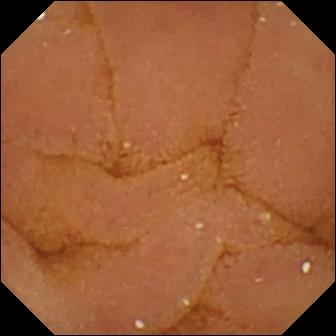PROCEDURE: Capsule endoscopy.
FINDINGS: Normal clean mucosa.